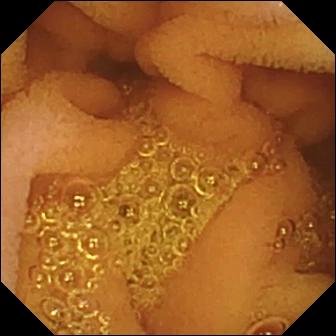Small-bowel capsule endoscopy — normal clean mucosa.